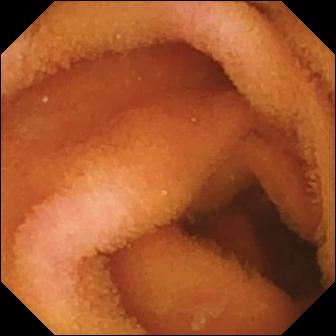PROCEDURE: Wireless capsule endoscopy.
SEGMENT: Small bowel.
FINDINGS: Normal clean mucosa.